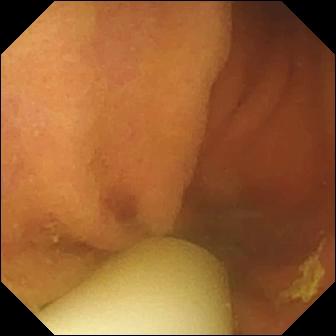WCE image. Foreign body (e.g. retained capsule, tablet residue).